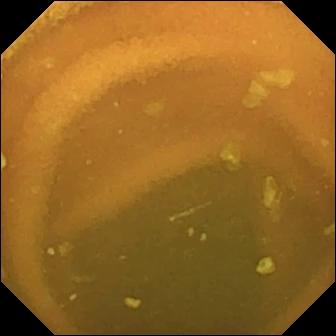Wireless capsule endoscopy snapshot, small bowel
Impression: normal clean mucosa